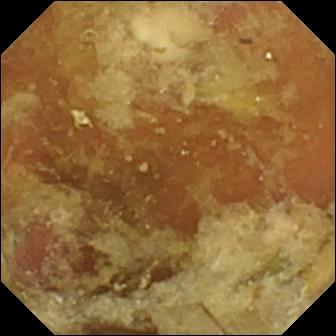PROCEDURE: WCE.
LABEL: Pylorus region.